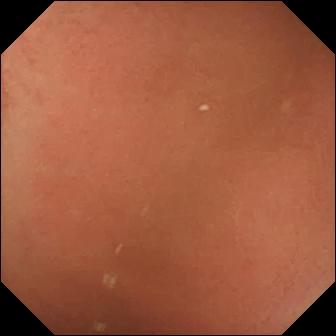Q: Where in the digestive tract was this small-bowel capsule endoscopy snapshot taken?
A: Pylorus region.